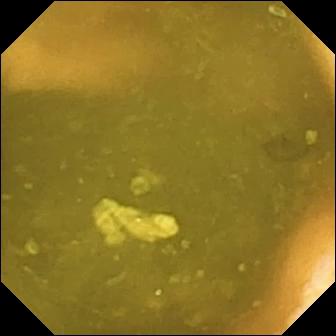Ileo-cecal valve region (where the capsule passes from the small bowel into the large bowel).